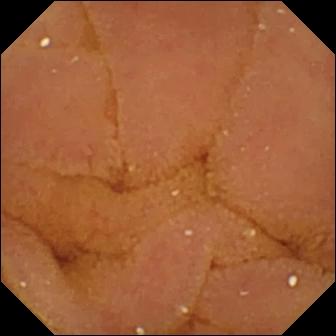PROCEDURE: Small-bowel capsule endoscopy.
FINDINGS: Normal clean mucosa.